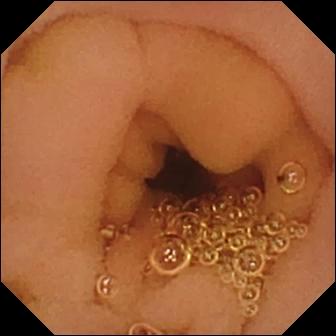Normal clean mucosa.